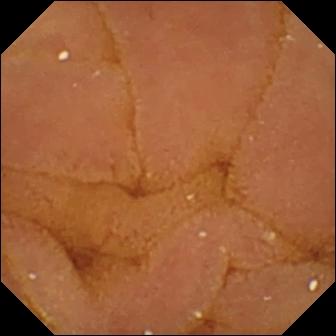WCE. Luminal finding. Impression: normal clean mucosa.